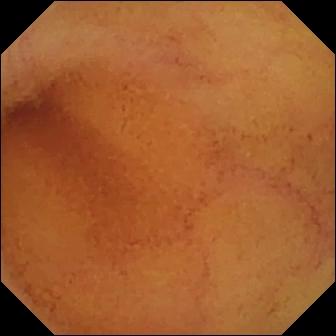Capsule endoscopy. Luminal finding. Observation: normal clean mucosa.